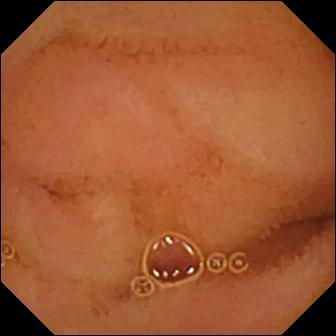This small-bowel capsule endoscopy snapshot of the small intestine shows normal clean mucosa.